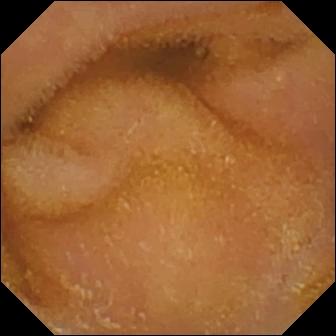WCE image, small intestine
Finding: normal clean mucosa